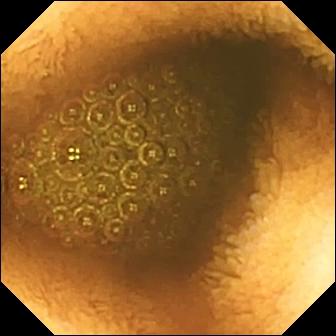PROCEDURE: WCE.
FINDINGS: Reduced mucosal view (content or bubbles obscuring the mucosa).